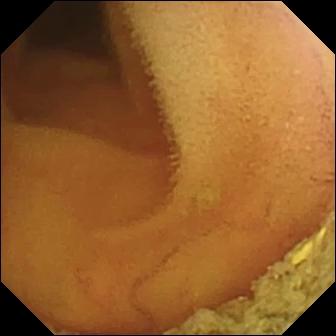Capsule endoscopy image, small bowel
Observation: normal clean mucosa